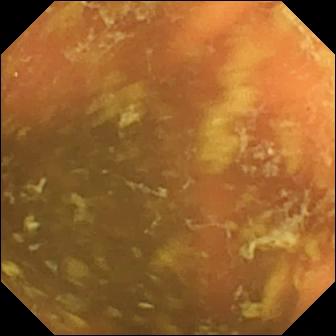- modality: small-bowel capsule endoscopy
- label: ileo-cecal valve region (the transition from the small bowel to the large bowel)